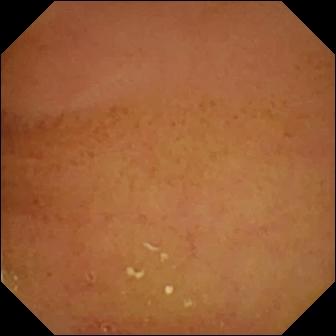Q: What does this WCE image of the small bowel show?
A: Normal clean mucosa.